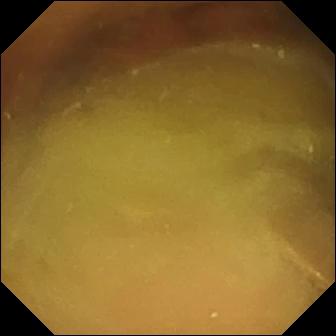{"modality": "video capsule endoscopy", "segment": "small bowel", "category": "luminal finding", "finding": "normal clean mucosa"}